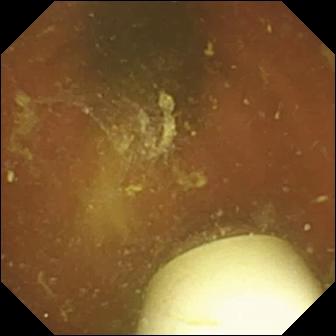PROCEDURE: WCE.
FINDINGS: Foreign body (e.g. retained capsule, tablet residue).